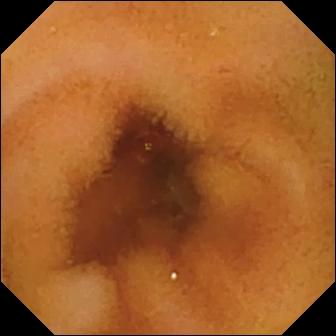Normal clean mucosa — video capsule endoscopy still of the small bowel.